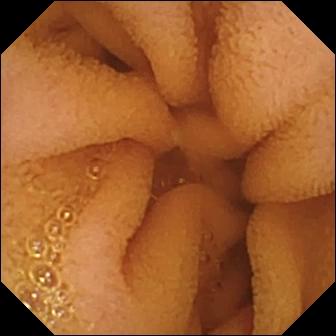Capsule endoscopy. Small intestine. Impression: normal clean mucosa.